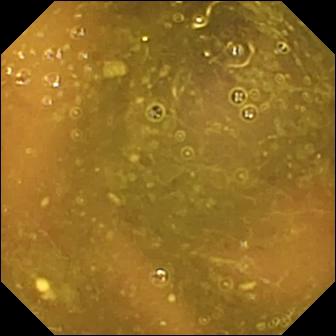PROCEDURE: VCE.
SEGMENT: Small bowel.
FINDINGS: Reduced mucosal view (content or bubbles obscuring the mucosa).